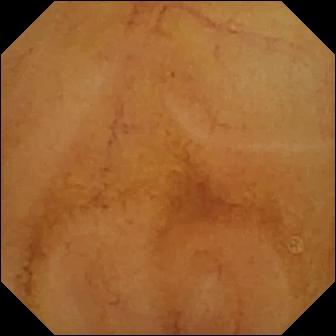WCE frame showing normal clean mucosa.